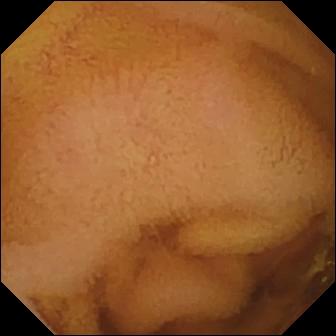PROCEDURE: Small-bowel capsule endoscopy.
FINDINGS: Normal clean mucosa.